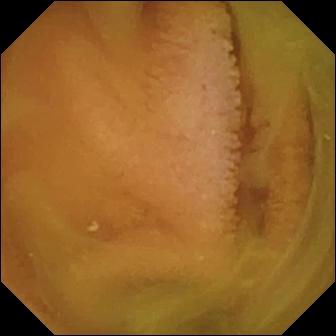PROCEDURE: Wireless capsule endoscopy.
SEGMENT: Small bowel.
FINDINGS: Normal clean mucosa.